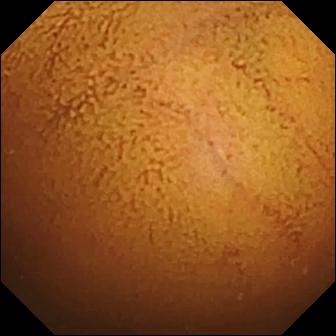PROCEDURE: Capsule endoscopy.
SEGMENT: Small bowel.
FINDINGS: Normal clean mucosa.